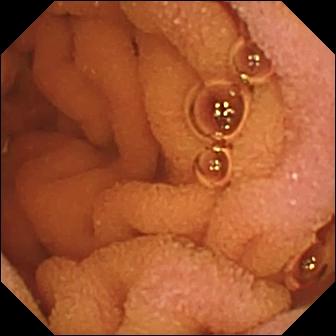{"modality": "VCE", "finding": "normal clean mucosa"}